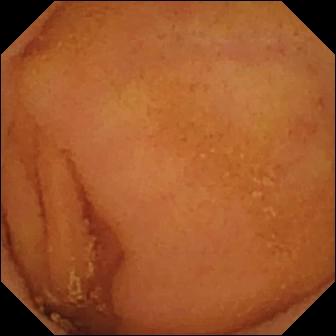WCE frame, small bowel
Label: normal clean mucosa